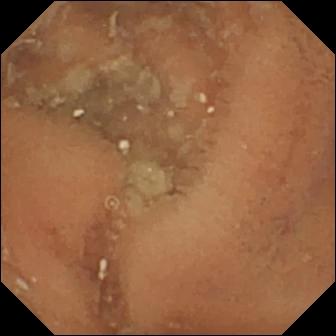- modality: video capsule endoscopy
- segment: small intestine
- observation: normal clean mucosa